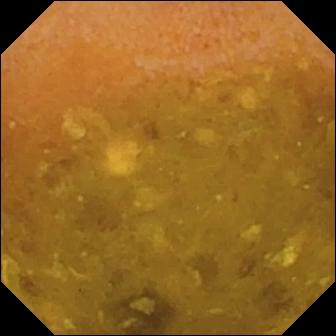Q: What does this capsule endoscopy still of the small bowel show?
A: Reduced mucosal view (content or bubbles obscuring the mucosa).